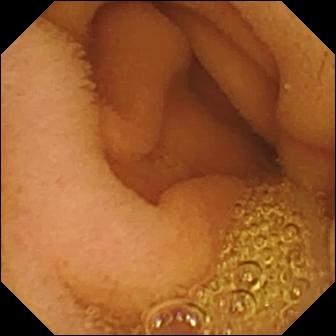Normal clean mucosa.